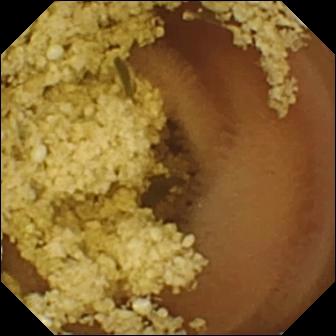WCE snapshot
Label: normal clean mucosa